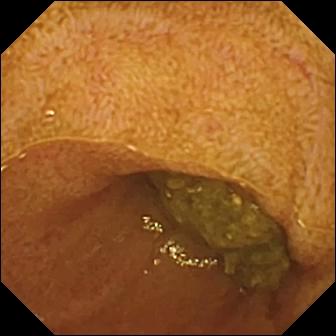- modality: small-bowel capsule endoscopy
- category: anatomical landmark
- position: ileo-cecal valve region (where the capsule passes from the small bowel into the large bowel)